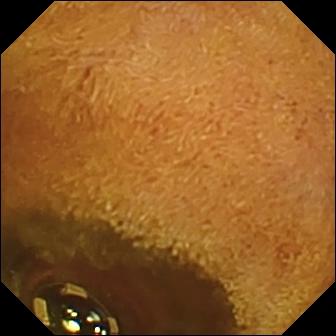- modality: wireless capsule endoscopy
- finding: foreign body (e.g. retained capsule, tablet residue)